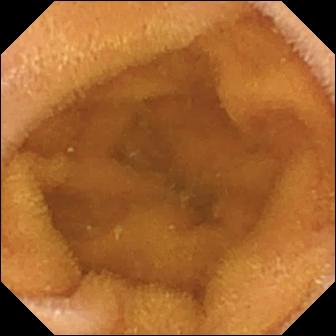WCE. Luminal finding. Impression: normal clean mucosa.